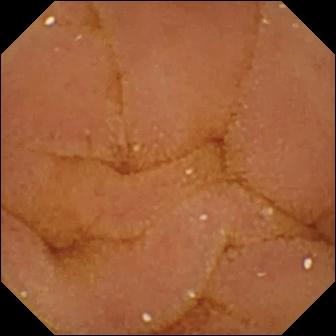Wireless capsule endoscopy. Impression: normal clean mucosa.